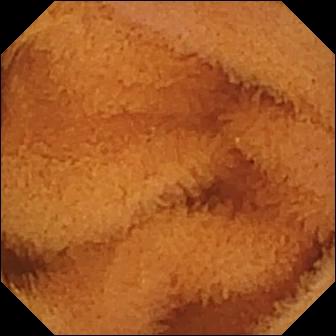{"modality": "VCE", "segment": "small intestine", "category": "luminal finding", "finding": "normal clean mucosa"}